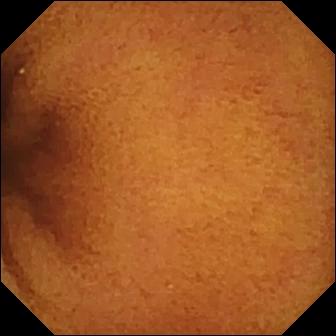- modality: capsule endoscopy
- segment: small bowel
- category: luminal finding
- label: normal clean mucosa